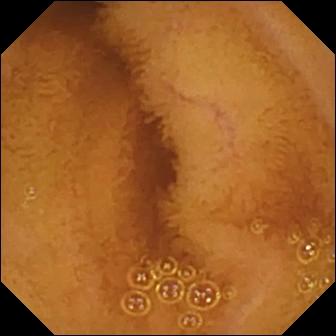This small-bowel capsule endoscopy image shows normal clean mucosa.